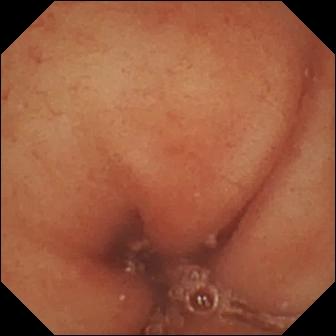- modality: video capsule endoscopy
- video segment: pylorus region (the junction between the stomach and the small bowel)